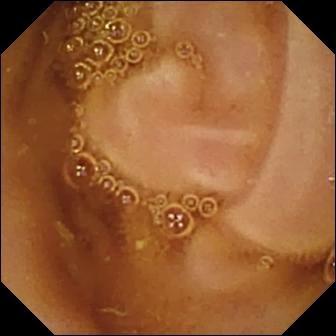This capsule endoscopy frame shows normal clean mucosa.